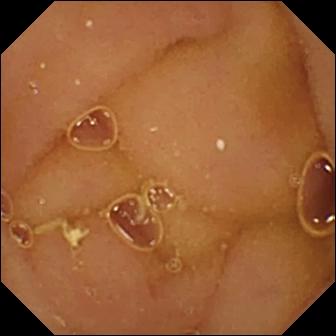PROCEDURE: Video capsule endoscopy.
FINDINGS: Normal clean mucosa.